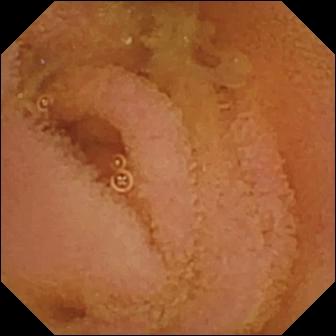Video capsule endoscopy frame, 336×336. Normal clean mucosa.